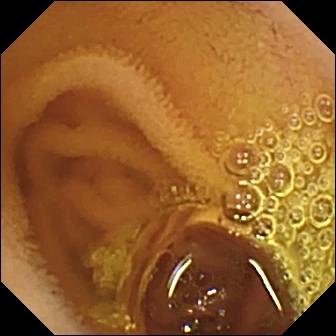Capsule endoscopy. Small bowel. Label: normal clean mucosa.